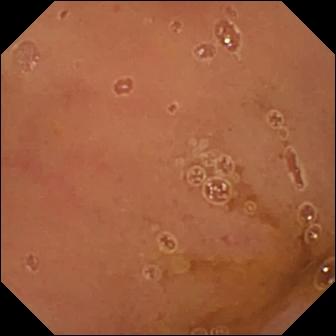Small-bowel capsule endoscopy view of the small intestine showing normal clean mucosa.